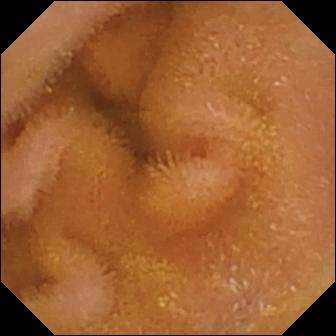{"modality": "video capsule endoscopy", "segment": "small intestine", "finding": "normal clean mucosa"}